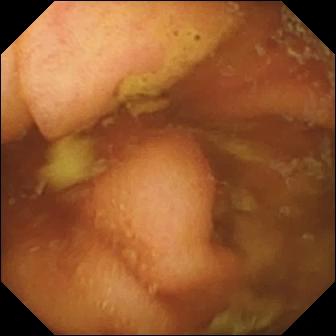Ileo-cecal valve region (the transition from the small bowel to the large bowel).